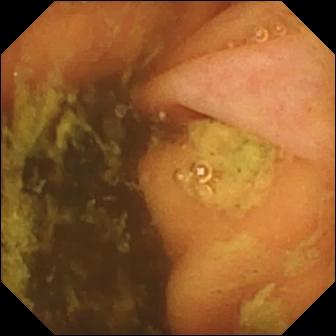modality: VCE | location: ileo-cecal valve region (the transition from the small bowel to the large bowel)